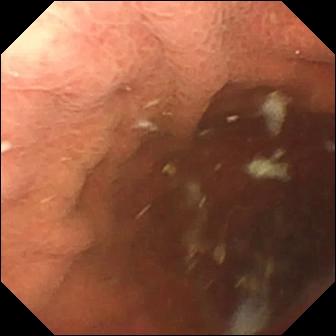This wireless capsule endoscopy frame was taken in the pylorus region (where the capsule passes from the stomach into the small bowel).